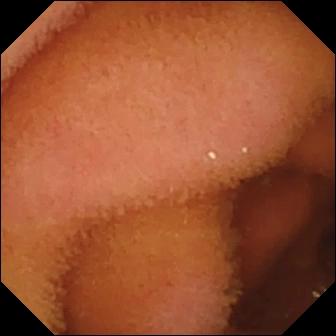Normal clean mucosa.